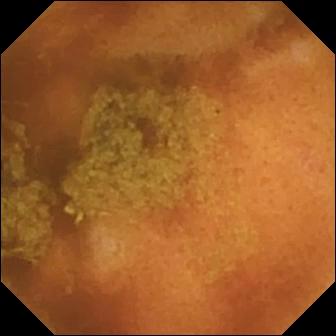Capsule endoscopy. Small bowel. Luminal finding. Label: normal clean mucosa.